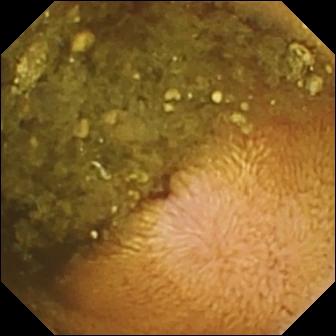WCE view. Reduced mucosal view (content or bubbles obscuring the mucosa).